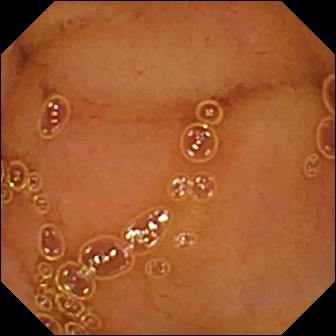Q: What does this capsule endoscopy snapshot of the small bowel show?
A: Normal clean mucosa.